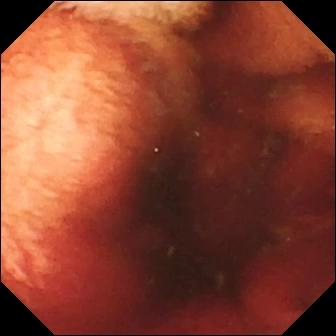modality: VCE
label: fresh blood in the lumen